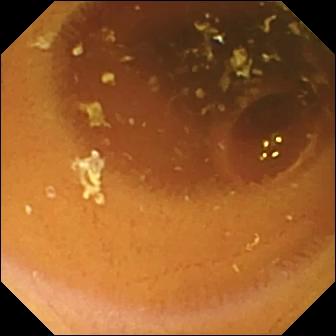VCE view of the small bowel showing normal clean mucosa.